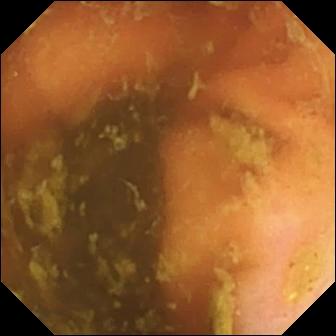Small-bowel capsule endoscopy. Video segment: ileo-cecal valve region.